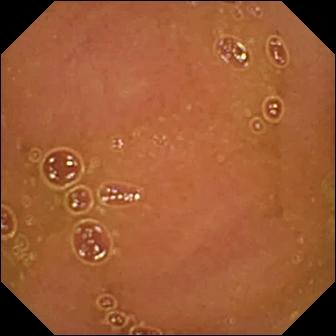{"modality": "wireless capsule endoscopy", "category": "luminal finding", "finding": "normal clean mucosa"}